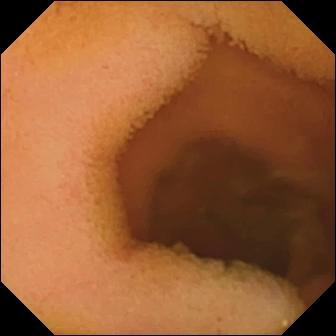PROCEDURE: WCE.
FINDINGS: Normal clean mucosa.